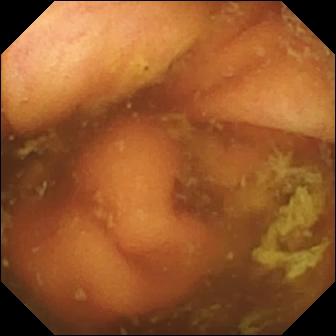Q: Where in the digestive tract was this WCE image taken?
A: Ileo-cecal valve region (where the capsule passes from the small bowel into the large bowel).